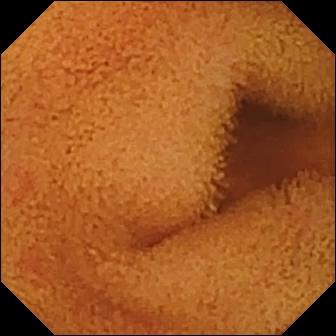Small-bowel capsule endoscopy snapshot (small bowel). Normal clean mucosa.